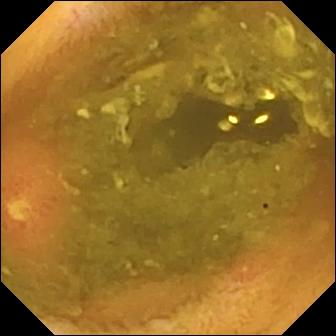PROCEDURE: Wireless capsule endoscopy.
FINDINGS: Ulcer.